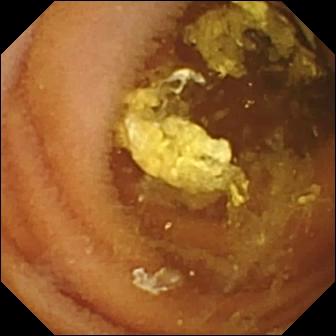{"modality": "small-bowel capsule endoscopy", "finding": "normal clean mucosa"}